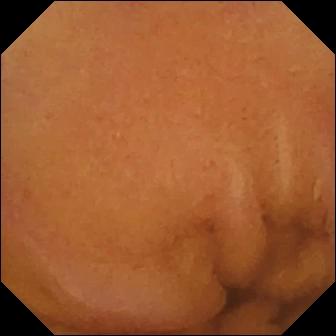{"modality": "video capsule endoscopy", "segment": "small bowel", "finding": "normal clean mucosa"}